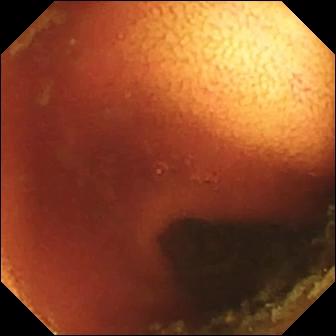Small-bowel capsule endoscopy snapshot taken in the ileo-cecal valve region.